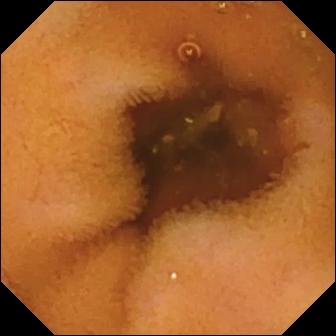Wireless capsule endoscopy — normal clean mucosa.